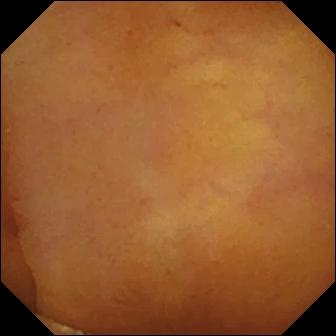modality: video capsule endoscopy | segment: small bowel | observation: normal clean mucosa